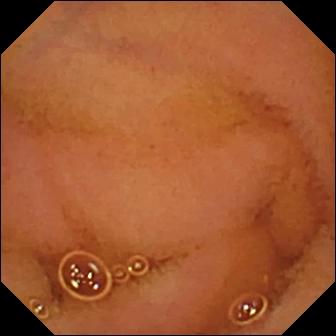Video capsule endoscopy — normal clean mucosa.